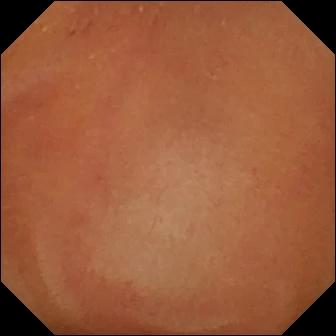Normal clean mucosa.